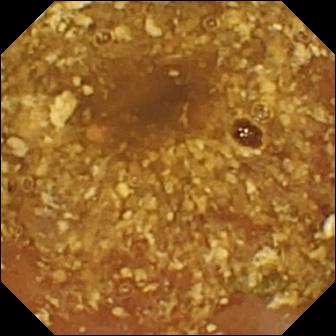Reduced mucosal view (content or bubbles obscuring the mucosa).